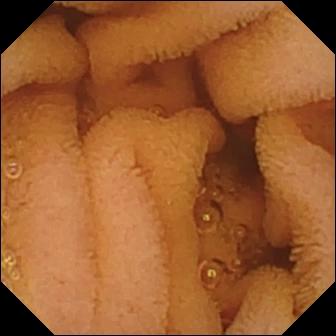Q: What does this wireless capsule endoscopy still of the small bowel show?
A: Normal clean mucosa.